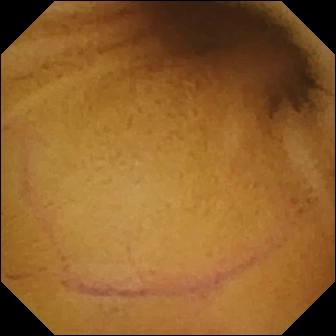Normal clean mucosa (336×336).